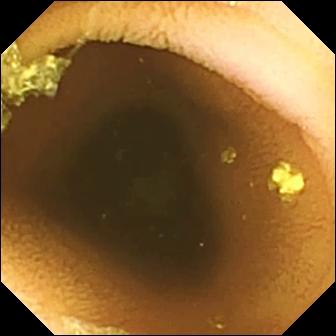modality: wireless capsule endoscopy; segment: small intestine; observation: normal clean mucosa